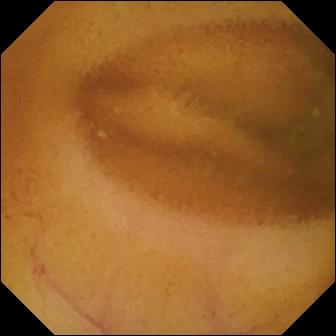Q: What does this WCE frame show?
A: Normal clean mucosa.